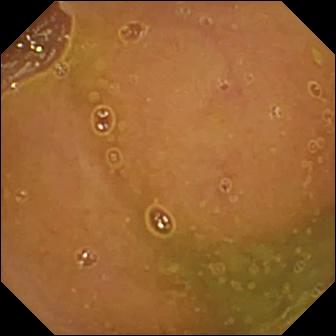Wireless capsule endoscopy view, small bowel
Label: normal clean mucosa